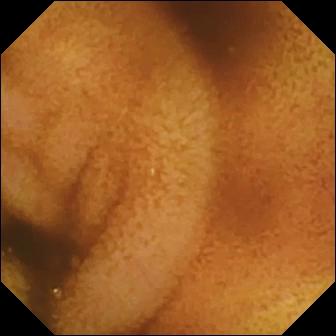Small-bowel capsule endoscopy. Small intestine. Luminal finding. Observation: normal clean mucosa.